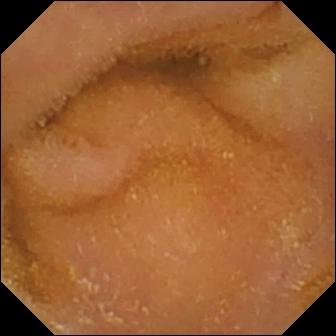Q: What does this WCE still show?
A: Normal clean mucosa.